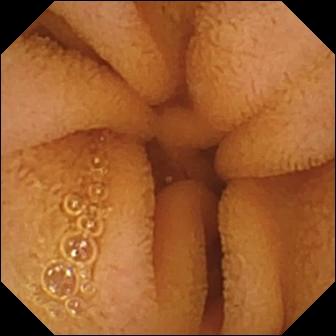Q: What does this small-bowel capsule endoscopy image of the small bowel show?
A: Normal clean mucosa.